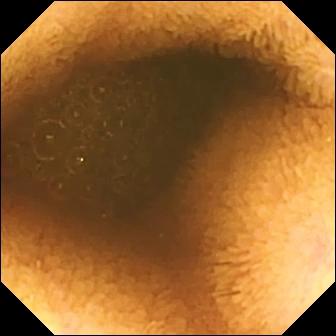PROCEDURE: Small-bowel capsule endoscopy.
FINDINGS: Reduced mucosal view (content or bubbles obscuring the mucosa).